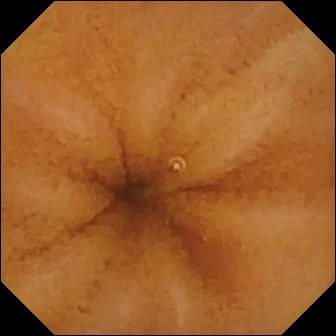PROCEDURE: Wireless capsule endoscopy.
FINDINGS: Normal clean mucosa.